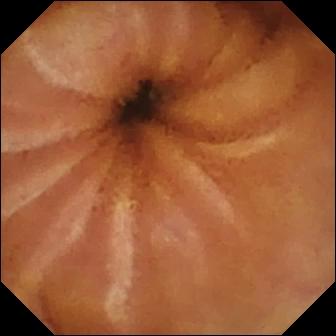Wireless capsule endoscopy frame, 336×336. Normal clean mucosa.